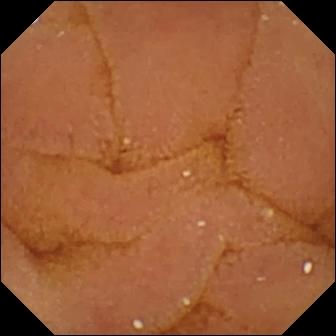Video capsule endoscopy. Small bowel. Label: normal clean mucosa.